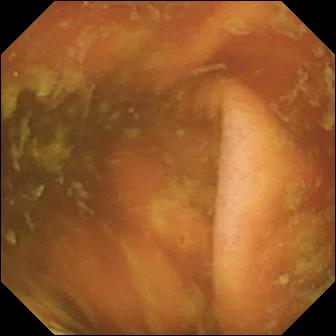Q: Where in the digestive tract was this small-bowel capsule endoscopy view taken?
A: Ileo-cecal valve region (the transition from the small bowel to the large bowel).